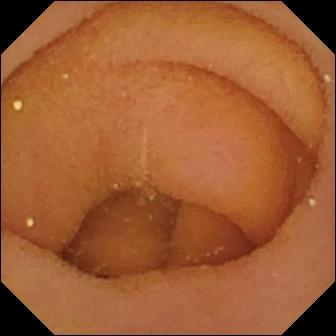This wireless capsule endoscopy frame was taken in the pylorus region (the junction between the stomach and the small bowel).